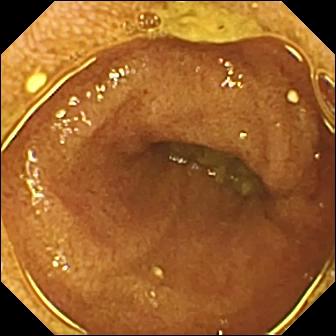Q: Where in the digestive tract was this video capsule endoscopy image taken?
A: Ileo-cecal valve region (where the capsule passes from the small bowel into the large bowel).